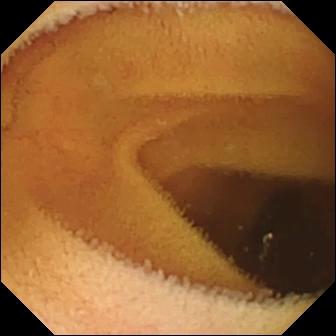VCE view of the small intestine showing normal clean mucosa.